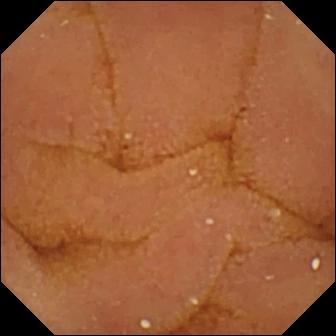Normal clean mucosa.